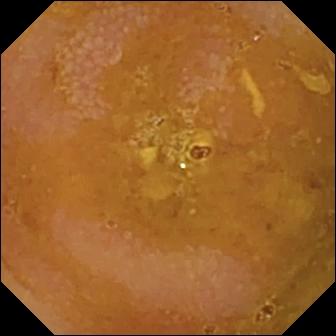PROCEDURE: Video capsule endoscopy.
SEGMENT: Small bowel.
FINDINGS: Reduced mucosal view (content or bubbles obscuring the mucosa).